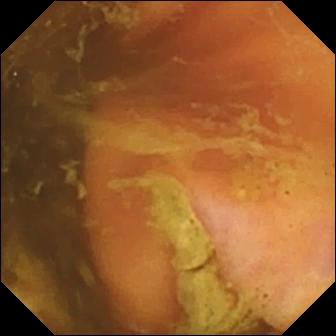Q: Where in the digestive tract was this wireless capsule endoscopy image taken?
A: Ileo-cecal valve region (the transition from the small bowel to the large bowel).